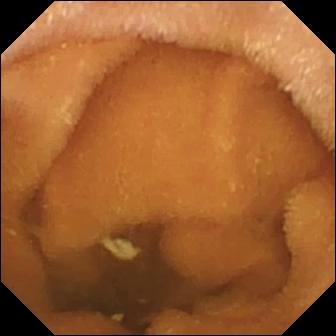WCE still of the small bowel showing normal clean mucosa.